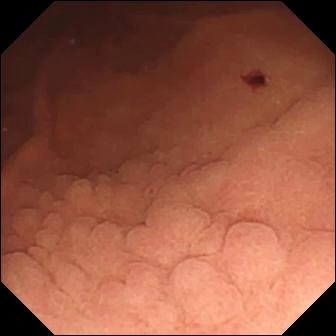{"modality": "video capsule endoscopy", "category": "luminal finding", "finding": "angiectasia"}